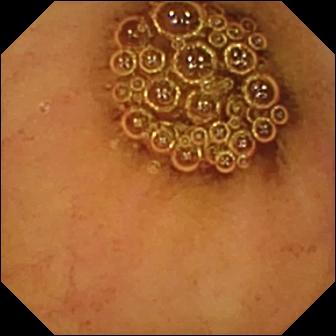Normal clean mucosa (336×336).